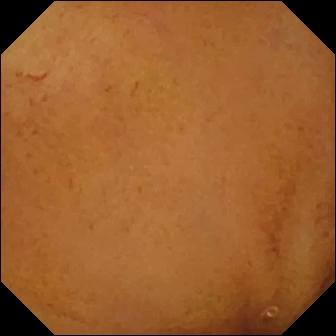WCE view of the small bowel showing normal clean mucosa.